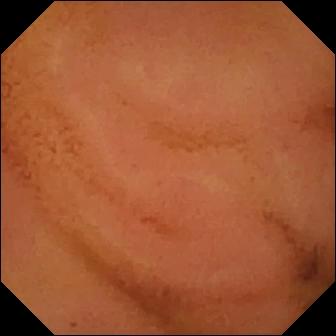Small-bowel capsule endoscopy still (small intestine). Normal clean mucosa.